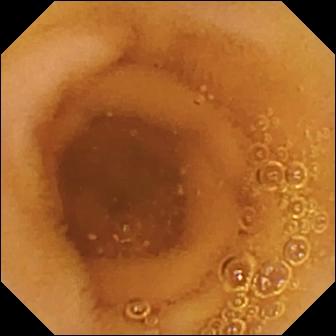{"modality": "video capsule endoscopy", "category": "luminal finding", "finding": "normal clean mucosa"}